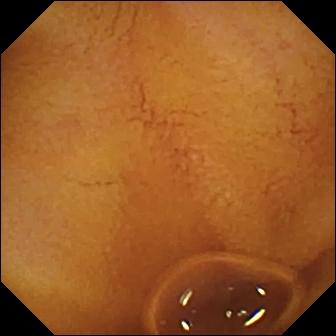Normal clean mucosa.